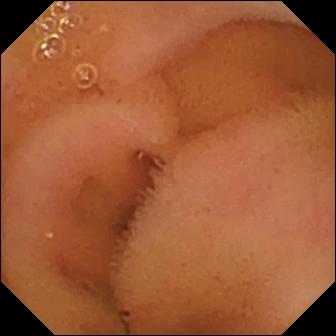Video capsule endoscopy image. Normal clean mucosa.